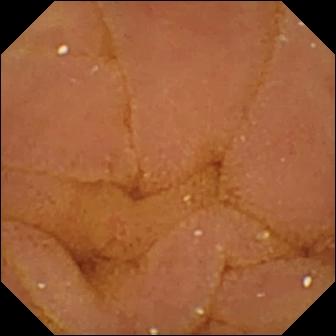Capsule endoscopy view of the small bowel showing normal clean mucosa.